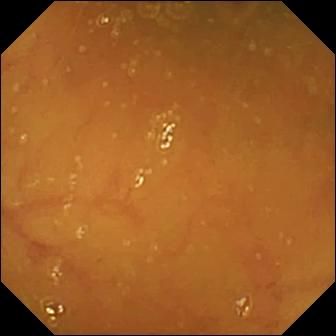Capsule endoscopy view taken in the ileo-cecal valve region.